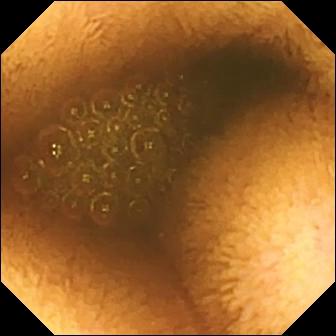{"modality": "capsule endoscopy", "segment": "small bowel", "category": "luminal finding", "finding": "reduced mucosal view (content or bubbles obscuring the mucosa)"}